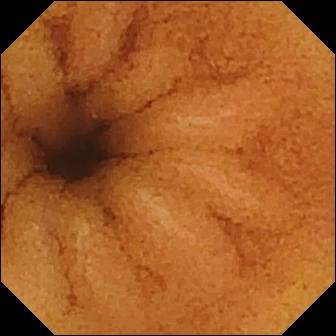Video capsule endoscopy image
Impression: normal clean mucosa